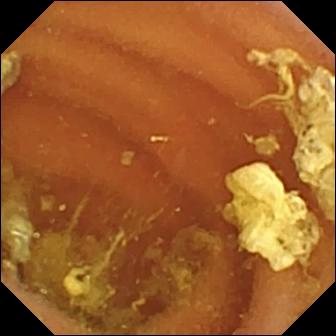This small-bowel capsule endoscopy image of the small intestine shows normal clean mucosa.